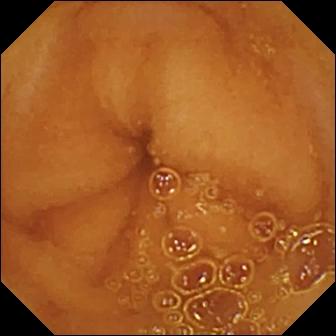PROCEDURE: WCE.
SEGMENT: Small intestine.
FINDINGS: Normal clean mucosa.